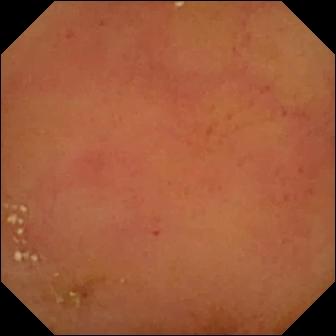Normal clean mucosa.